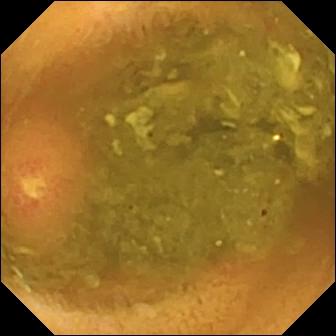Small-bowel capsule endoscopy. Label: ulcer.